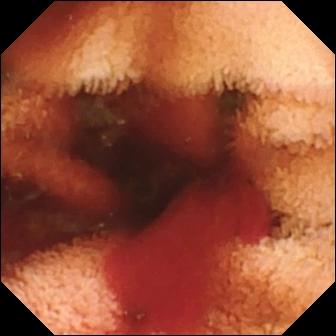Fresh blood in the lumen — wireless capsule endoscopy view.